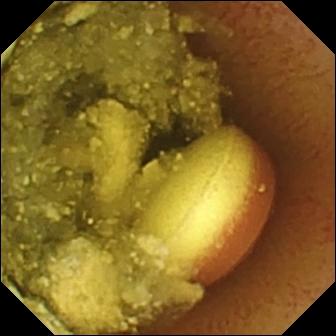Q: What does this wireless capsule endoscopy image show?
A: Foreign body (e.g. retained capsule, tablet residue).